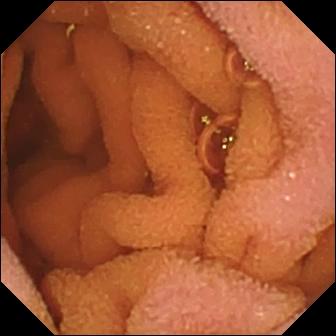{"modality": "WCE", "segment": "small bowel", "finding": "normal clean mucosa"}